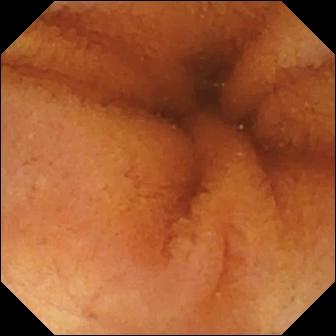Q: What does this small-bowel capsule endoscopy still show?
A: Normal clean mucosa.